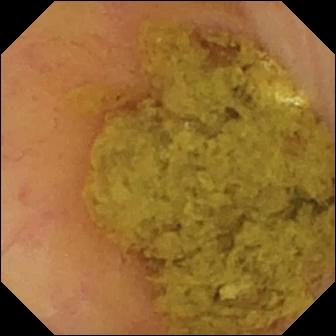Wireless capsule endoscopy — ileo-cecal valve region (where the capsule passes from the small bowel into the large bowel).